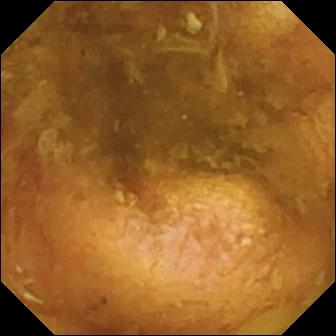Reduced mucosal view (content or bubbles obscuring the mucosa).